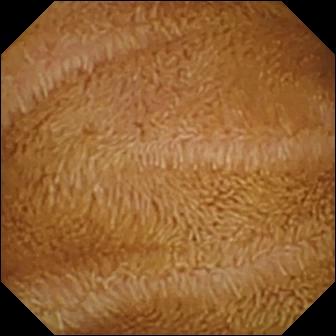WCE — normal clean mucosa.